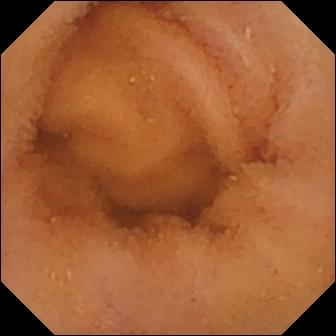Wireless capsule endoscopy — normal clean mucosa.